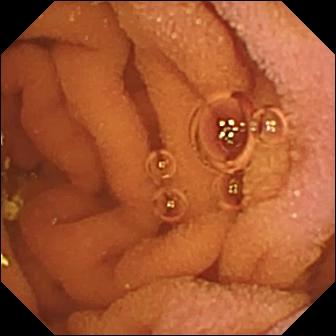{"modality": "VCE", "segment": "small bowel", "category": "luminal finding", "finding": "normal clean mucosa"}